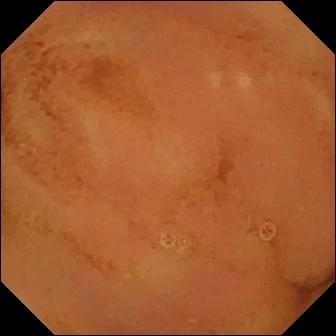Normal clean mucosa.